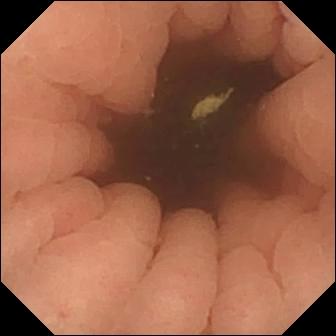Capsule endoscopy image
Label: pylorus region (the junction between the stomach and the small bowel)